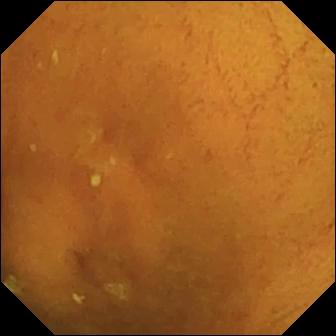Small-bowel capsule endoscopy image, small intestine
Label: normal clean mucosa